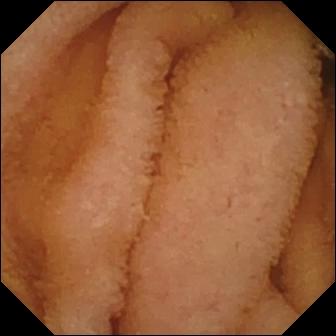Normal clean mucosa — WCE frame of the small bowel.